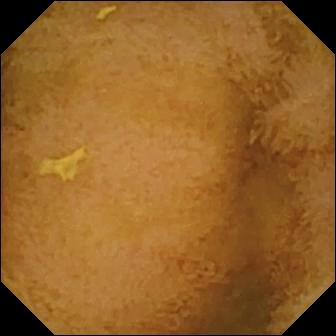This WCE snapshot of the small bowel shows normal clean mucosa.